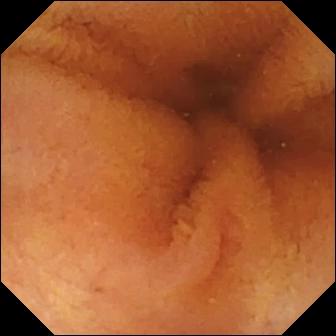{"modality": "small-bowel capsule endoscopy", "segment": "small bowel", "finding": "normal clean mucosa"}